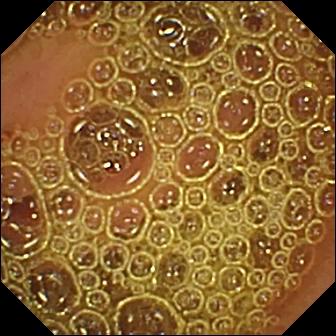Normal clean mucosa.